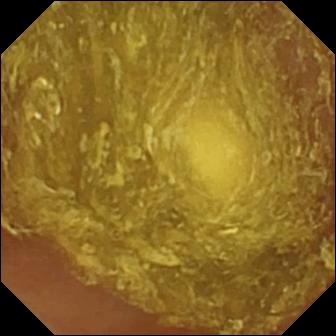Q: What does this capsule endoscopy image show?
A: Reduced mucosal view (content or bubbles obscuring the mucosa).